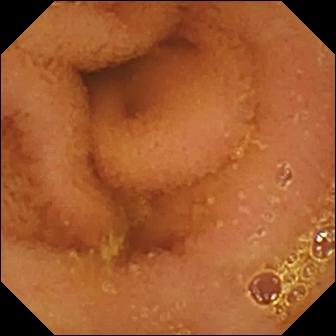- modality: WCE
- impression: normal clean mucosa